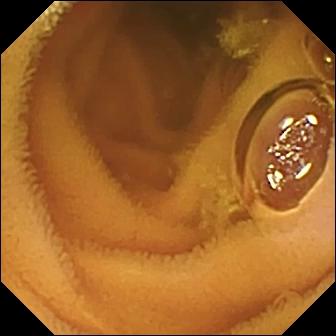WCE frame
Observation: normal clean mucosa